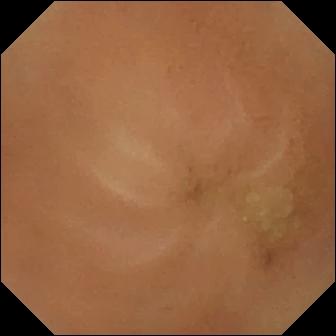Wireless capsule endoscopy. Small intestine. Luminal finding. Observation: normal clean mucosa.